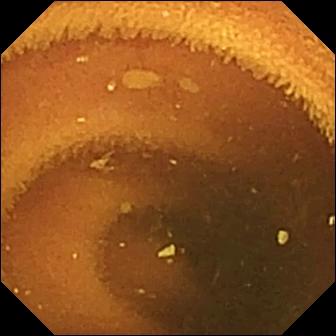Small-bowel capsule endoscopy frame. Normal clean mucosa.